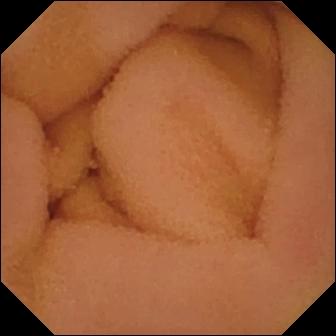Normal clean mucosa — small-bowel capsule endoscopy still.